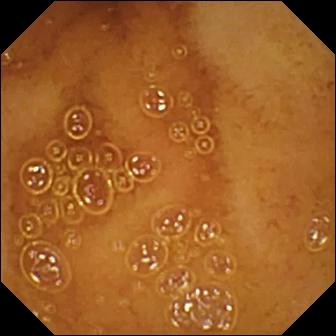VCE. Small intestine. Luminal finding. Observation: normal clean mucosa.